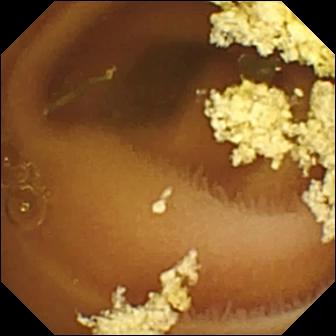VCE snapshot, small bowel
Label: normal clean mucosa